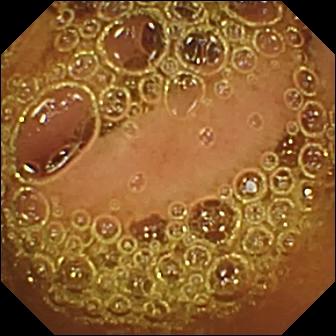VCE. Small intestine. Finding: normal clean mucosa.